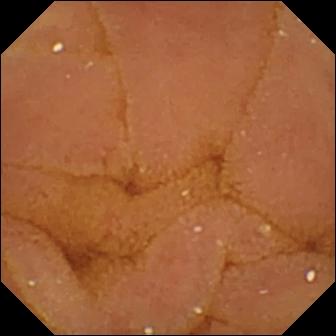WCE snapshot. Normal clean mucosa.